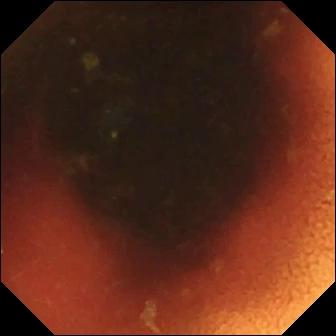VCE frame taken in the ileo-cecal valve region (the transition from the small bowel to the large bowel).